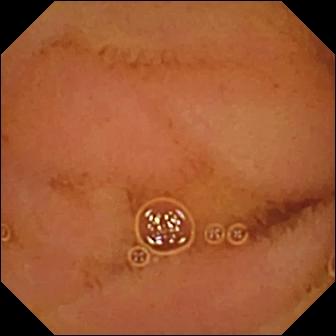{"modality": "VCE", "finding": "normal clean mucosa"}